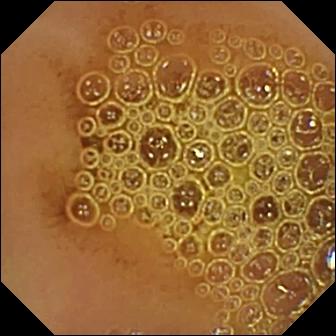{"modality": "VCE", "segment": "small intestine", "category": "luminal finding", "finding": "normal clean mucosa"}